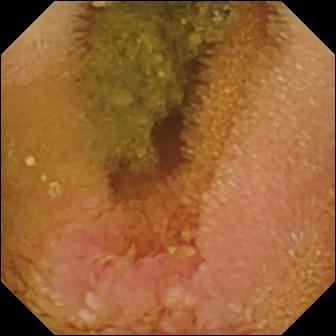Video capsule endoscopy frame showing erosion.